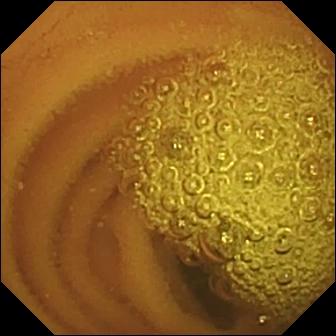Capsule endoscopy. Small bowel. Observation: normal clean mucosa.